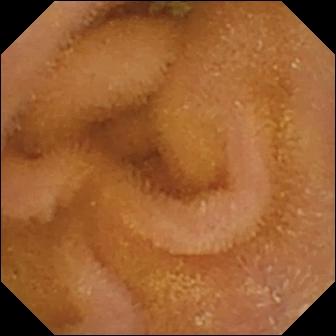VCE still, small bowel
Observation: normal clean mucosa